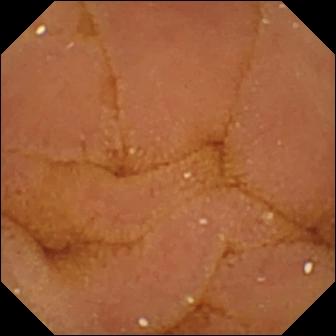Video capsule endoscopy still
Finding: normal clean mucosa